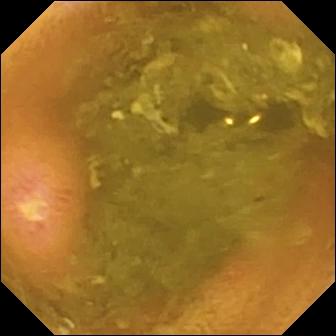{"modality": "small-bowel capsule endoscopy", "category": "luminal finding", "finding": "ulcer"}